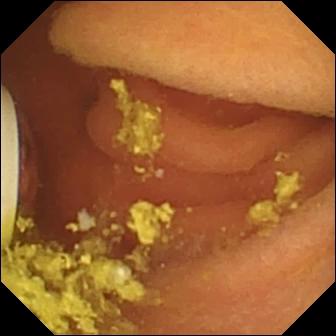Foreign body (e.g. retained capsule, tablet residue) (336×336).